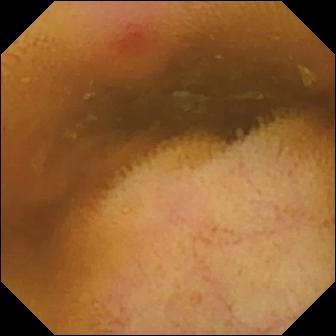PROCEDURE: Video capsule endoscopy.
FINDINGS: Erythema (mucosal redness).